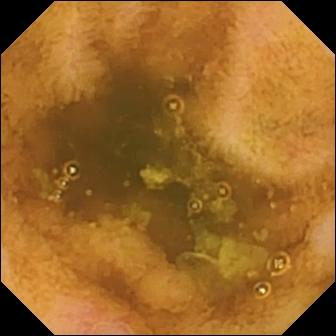Video capsule endoscopy frame
Label: erosion